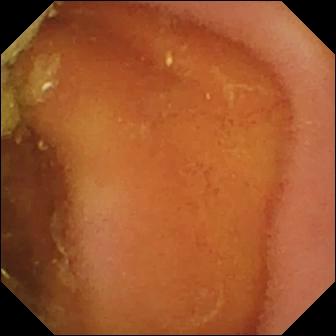- modality: WCE
- segment: small intestine
- category: luminal finding
- label: normal clean mucosa